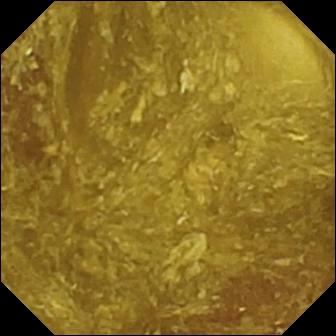WCE — reduced mucosal view (content or bubbles obscuring the mucosa).